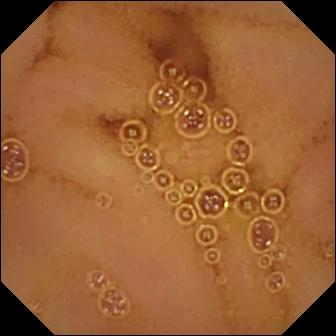VCE frame showing normal clean mucosa.